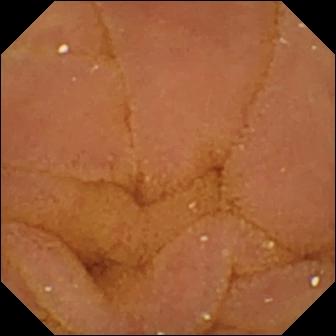This video capsule endoscopy still of the small bowel shows normal clean mucosa.